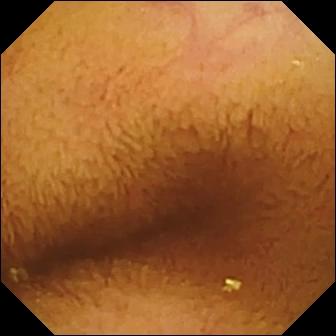modality: capsule endoscopy | segment: small intestine | label: normal clean mucosa